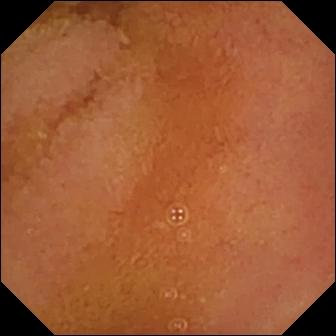PROCEDURE: Small-bowel capsule endoscopy.
FINDINGS: Normal clean mucosa.